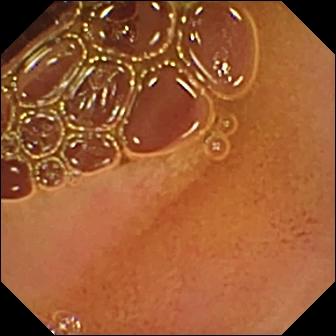{"modality": "capsule endoscopy", "segment": "small intestine", "finding": "normal clean mucosa"}